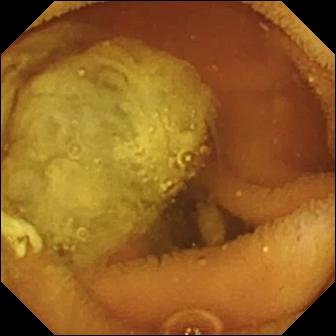Q: What does this wireless capsule endoscopy frame show?
A: Normal clean mucosa.